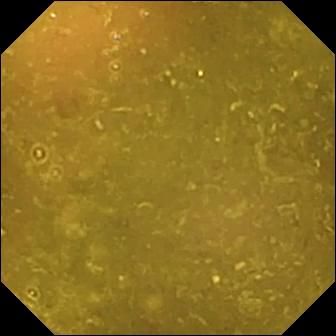{"modality": "capsule endoscopy", "finding": "reduced mucosal view (content or bubbles obscuring the mucosa)"}